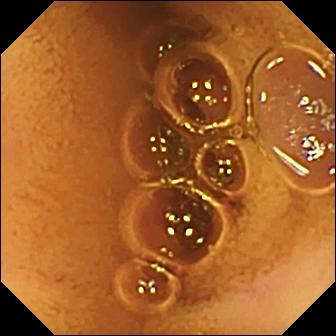Normal clean mucosa.